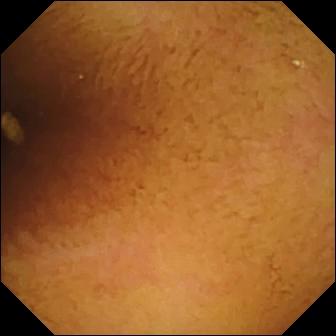Small-bowel capsule endoscopy. Finding: normal clean mucosa.